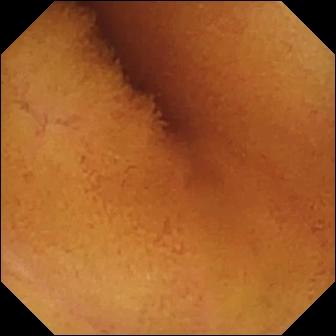This video capsule endoscopy still of the small intestine shows normal clean mucosa.